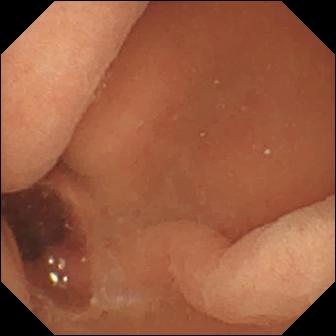modality: small-bowel capsule endoscopy
category: luminal finding
label: normal clean mucosa